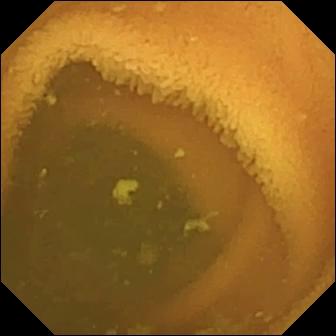Normal clean mucosa.